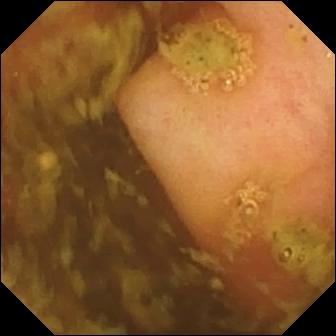Q: Where in the digestive tract was this VCE view taken?
A: Ileo-cecal valve region (where the capsule passes from the small bowel into the large bowel).